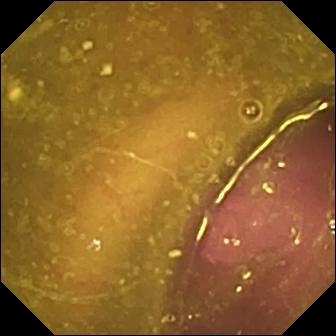modality: video capsule endoscopy | category: luminal finding | finding: reduced mucosal view (content or bubbles obscuring the mucosa)